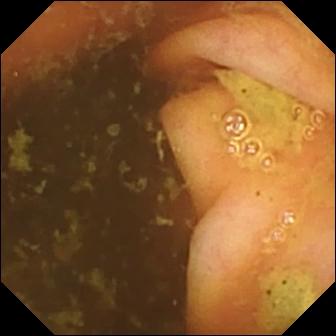Video capsule endoscopy. Label: ileo-cecal valve region.